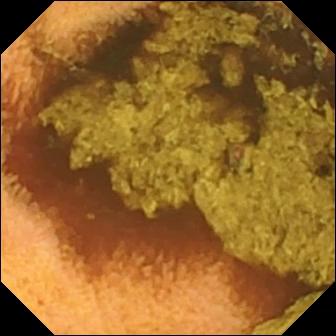Small-bowel capsule endoscopy image showing normal clean mucosa.